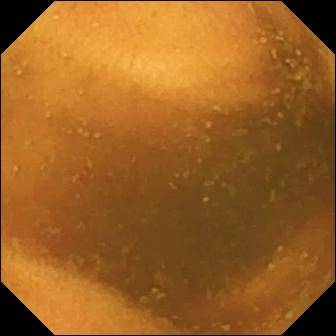VCE frame showing normal clean mucosa.